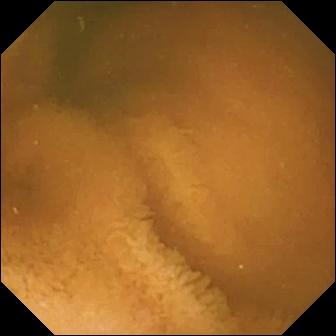Small-bowel capsule endoscopy — normal clean mucosa.